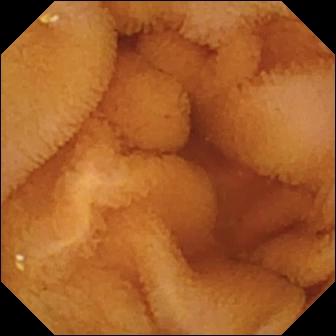Small-bowel capsule endoscopy image showing normal clean mucosa.